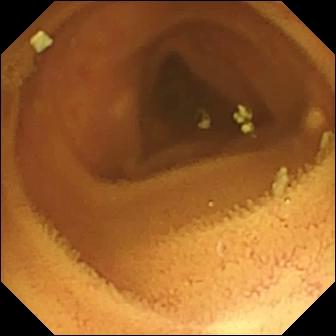PROCEDURE: WCE.
SEGMENT: Small intestine.
FINDINGS: Normal clean mucosa.